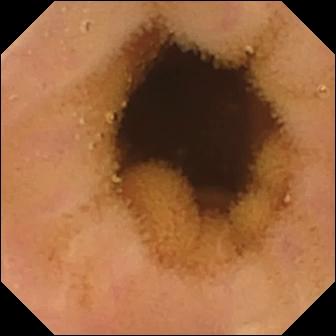modality: WCE
label: normal clean mucosa